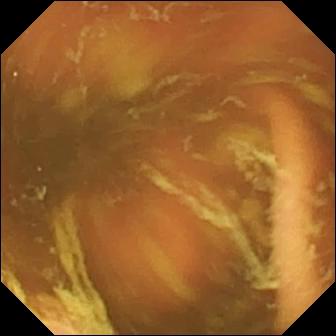Capsule endoscopy. Location: ileo-cecal valve region.